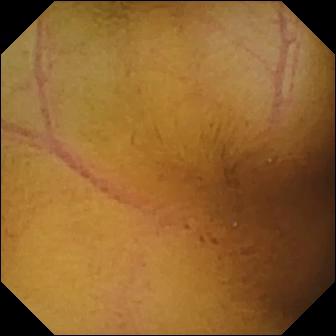Capsule endoscopy snapshot
Impression: normal clean mucosa